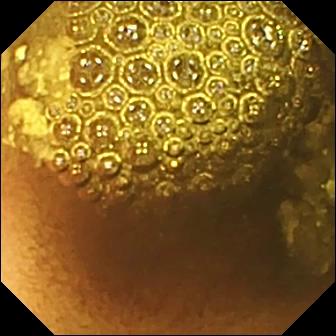WCE snapshot, 336×336. Reduced mucosal view (content or bubbles obscuring the mucosa).